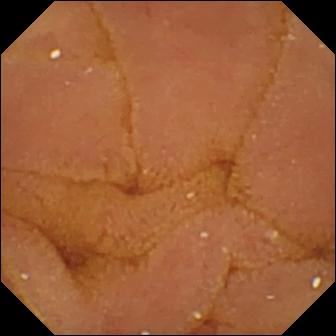VCE image, small intestine
Label: normal clean mucosa